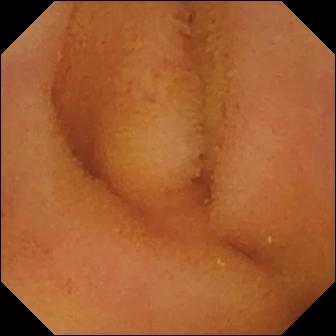VCE image showing normal clean mucosa.